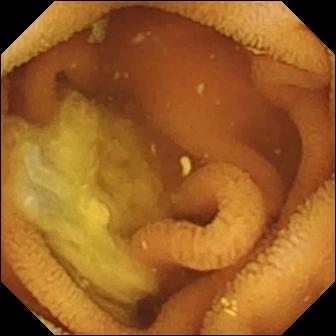Normal clean mucosa.